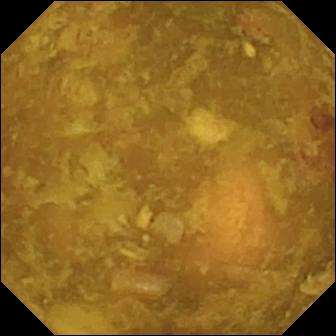{"modality": "VCE", "segment": "small intestine", "finding": "reduced mucosal view (content or bubbles obscuring the mucosa)"}